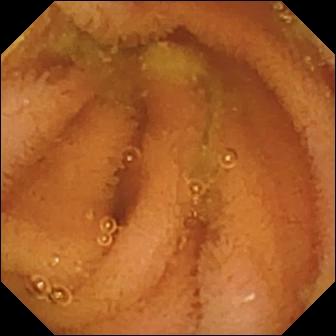VCE — normal clean mucosa.